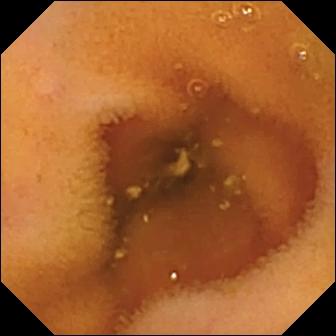Small-bowel capsule endoscopy snapshot of the small bowel showing normal clean mucosa.